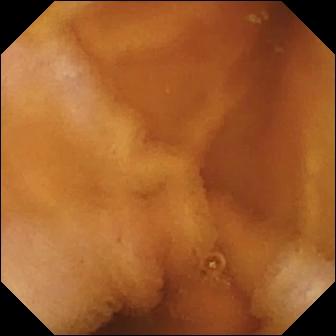Video capsule endoscopy snapshot (small bowel). Normal clean mucosa.